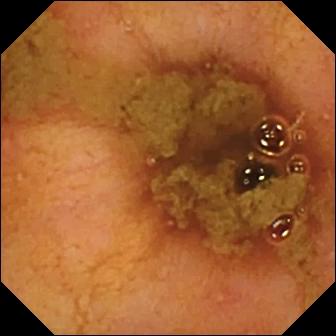Small-bowel capsule endoscopy — ileo-cecal valve region.